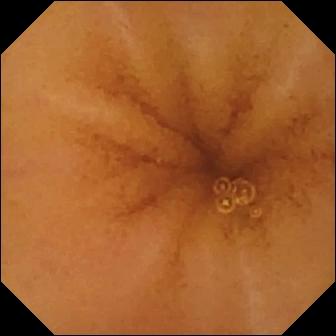This video capsule endoscopy image shows normal clean mucosa.